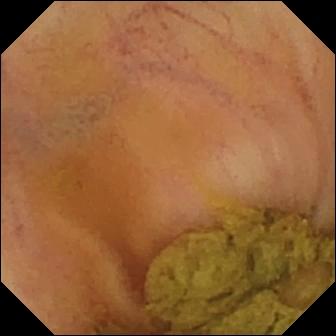This small-bowel capsule endoscopy frame was taken in the ileo-cecal valve region (the transition from the small bowel to the large bowel).